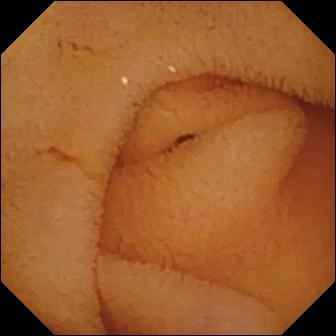- modality: small-bowel capsule endoscopy
- segment: small intestine
- category: luminal finding
- observation: normal clean mucosa